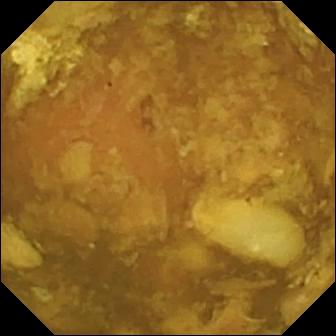Reduced mucosal view (content or bubbles obscuring the mucosa).